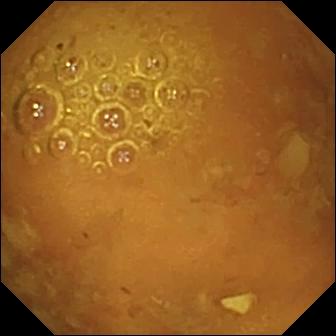{"modality": "WCE", "finding": "reduced mucosal view (content or bubbles obscuring the mucosa)"}